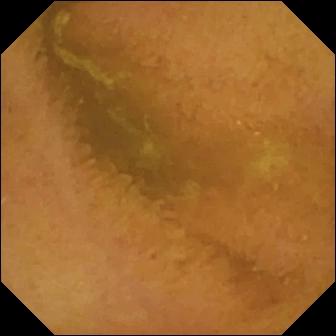VCE still
Impression: normal clean mucosa